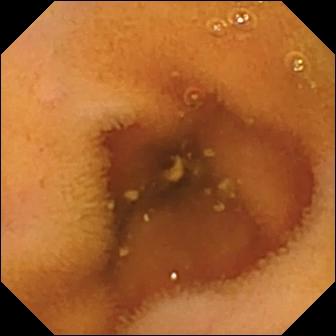This WCE snapshot of the small bowel shows normal clean mucosa.